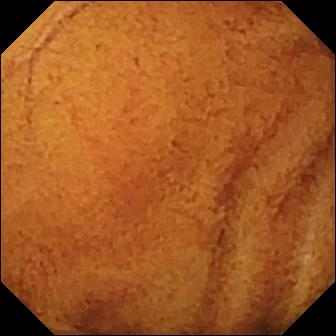Normal clean mucosa — WCE snapshot of the small intestine.